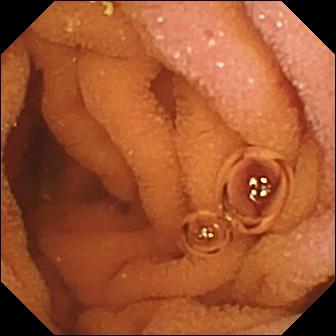{"modality": "video capsule endoscopy", "finding": "normal clean mucosa"}